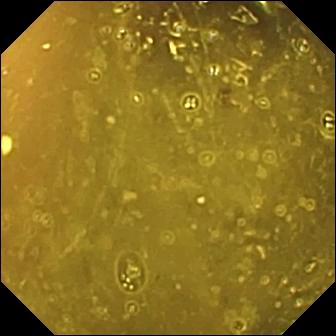Capsule endoscopy snapshot taken in the ileo-cecal valve region.